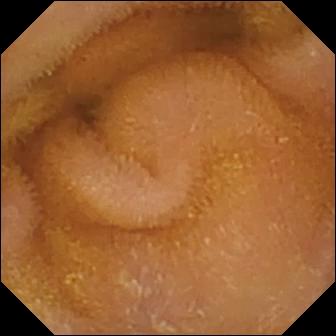Q: What does this WCE view show?
A: Normal clean mucosa.